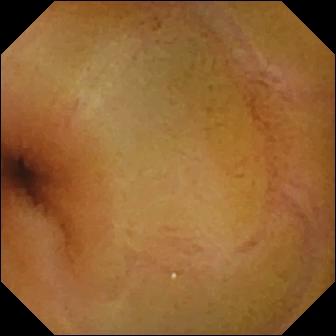- modality: WCE
- segment: small bowel
- category: luminal finding
- observation: normal clean mucosa